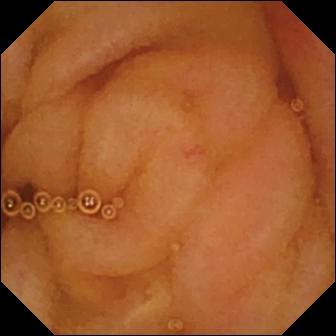Video capsule endoscopy view (small intestine), 336×336. Normal clean mucosa.